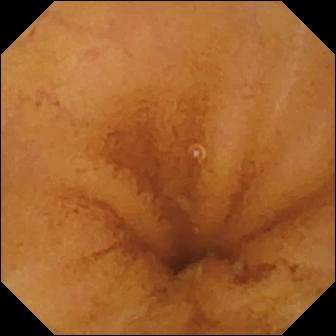modality: WCE | finding: normal clean mucosa